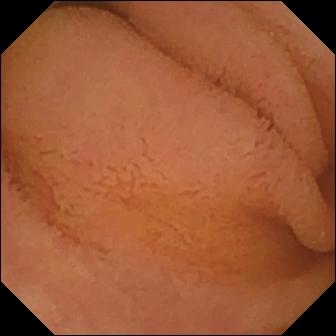WCE frame of the small bowel showing normal clean mucosa.